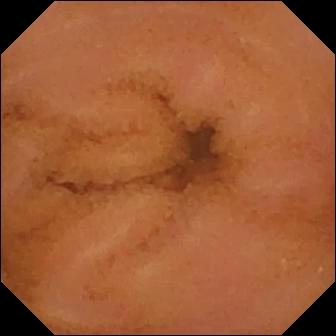Normal clean mucosa.